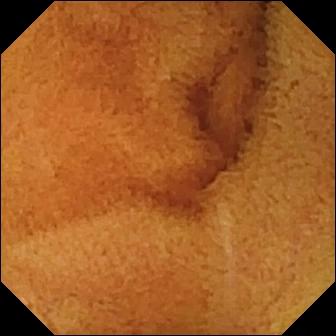PROCEDURE: Video capsule endoscopy.
SEGMENT: Small intestine.
FINDINGS: Normal clean mucosa.